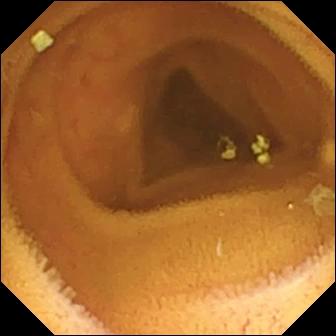PROCEDURE: Small-bowel capsule endoscopy.
SEGMENT: Small intestine.
FINDINGS: Normal clean mucosa.